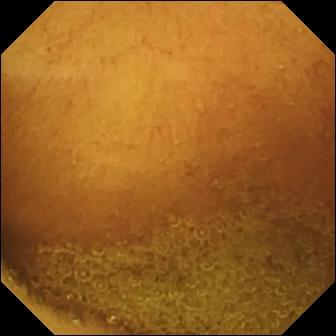Small-bowel capsule endoscopy still of the small bowel showing normal clean mucosa.